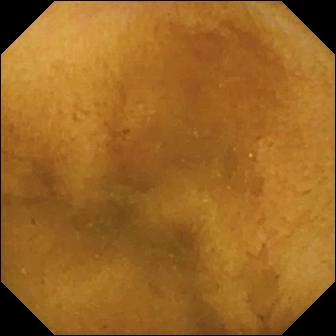modality: capsule endoscopy | finding: normal clean mucosa